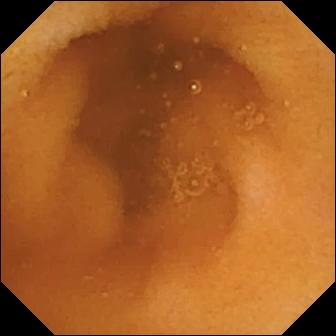VCE. Small bowel. Observation: normal clean mucosa.